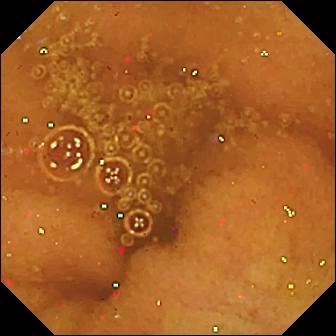Normal clean mucosa — video capsule endoscopy image of the small bowel.